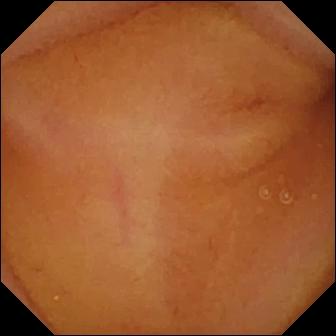{"modality": "wireless capsule endoscopy", "segment": "small bowel", "finding": "normal clean mucosa"}